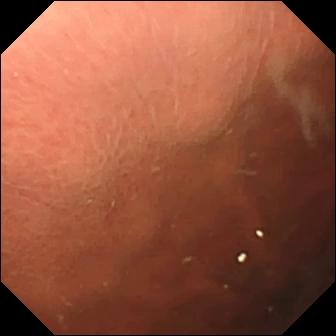modality: VCE | location: pylorus region (the junction between the stomach and the small bowel)